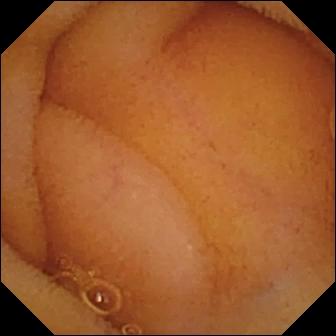Normal clean mucosa — small-bowel capsule endoscopy still.